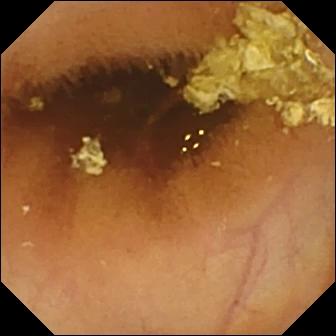PROCEDURE: Wireless capsule endoscopy.
SEGMENT: Small bowel.
FINDINGS: Normal clean mucosa.